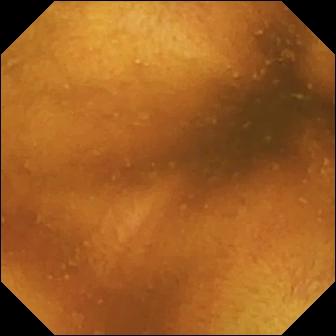WCE view, small intestine
Label: normal clean mucosa